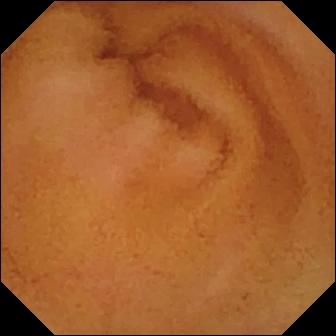Small-bowel capsule endoscopy view (small bowel), 336×336. Normal clean mucosa.